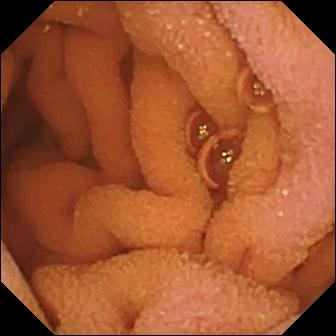Capsule endoscopy — normal clean mucosa.